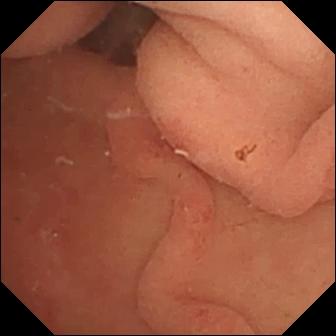{"modality": "VCE", "position": "pylorus region (the junction between the stomach and the small bowel)"}